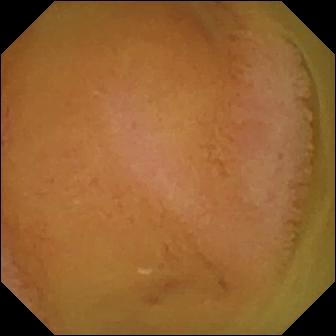Q: What does this capsule endoscopy frame of the small bowel show?
A: Normal clean mucosa.